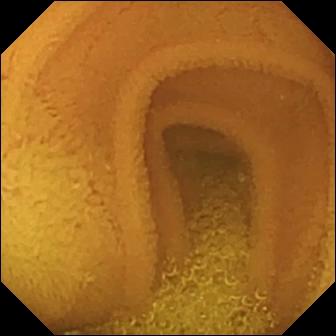Normal clean mucosa.